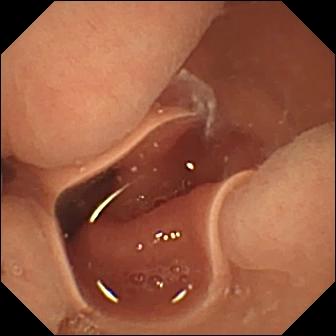{"modality": "WCE", "finding": "normal clean mucosa"}